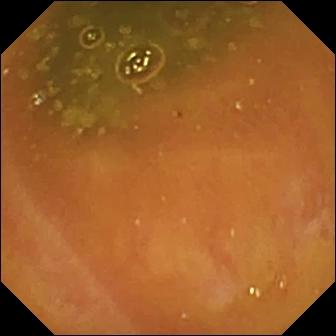modality: WCE
position: ileo-cecal valve region